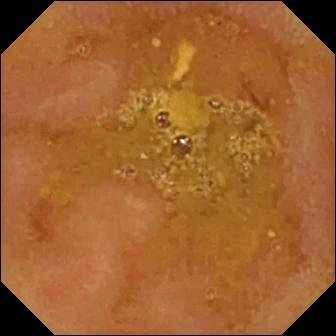Wireless capsule endoscopy frame of the small bowel showing reduced mucosal view (content or bubbles obscuring the mucosa).